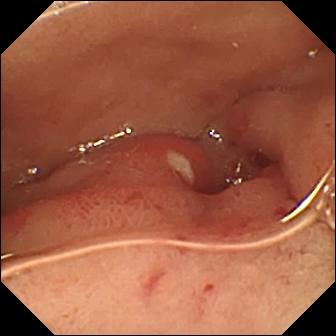VCE. Luminal finding. Label: ulcer.